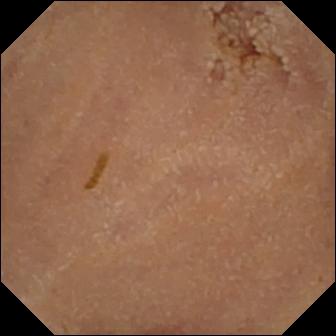VCE image, small intestine
Observation: normal clean mucosa